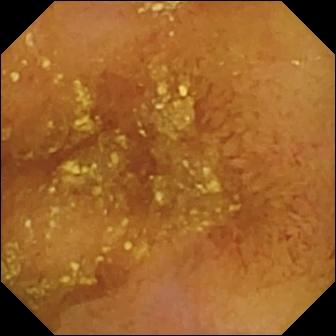Capsule endoscopy. Observation: normal clean mucosa.